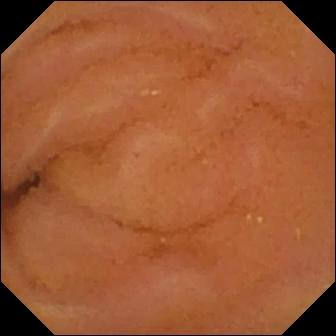Normal clean mucosa — VCE image.